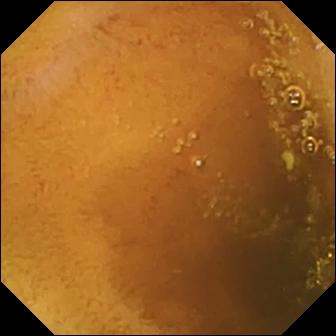modality: wireless capsule endoscopy
segment: small intestine
category: luminal finding
impression: normal clean mucosa